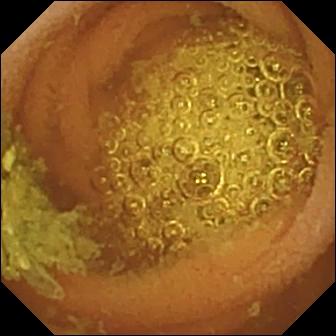WCE — normal clean mucosa.